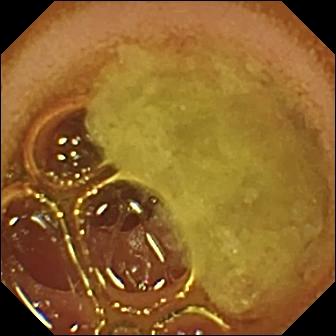Wireless capsule endoscopy image
Observation: normal clean mucosa